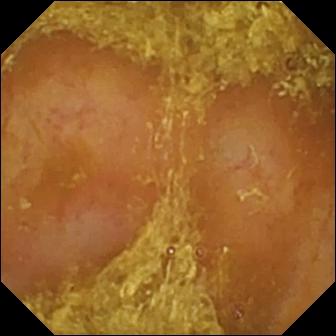Q: What does this wireless capsule endoscopy snapshot show?
A: Reduced mucosal view (content or bubbles obscuring the mucosa).